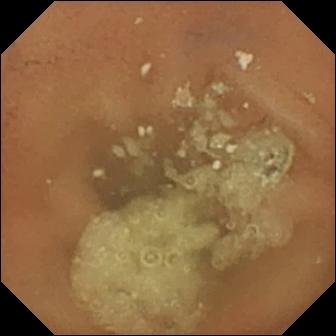Q: What does this small-bowel capsule endoscopy view show?
A: Normal clean mucosa.